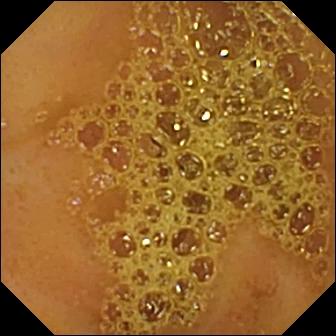Capsule endoscopy — ileo-cecal valve region.